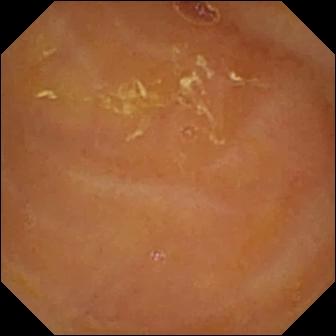WCE — reduced mucosal view (content or bubbles obscuring the mucosa).